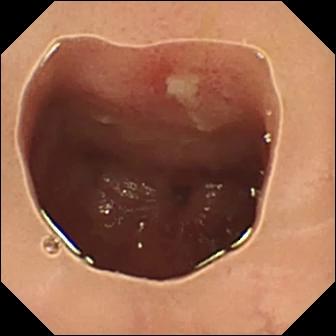Ulcer — WCE view.